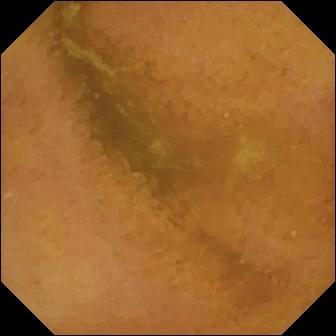VCE frame, small bowel
Observation: normal clean mucosa